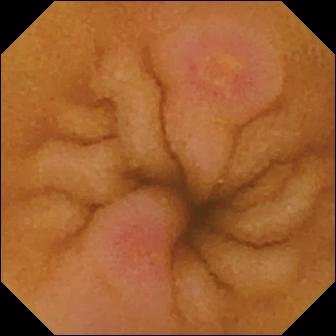modality: VCE | impression: erosion